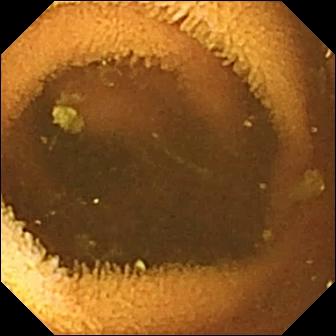Video capsule endoscopy snapshot. Normal clean mucosa.